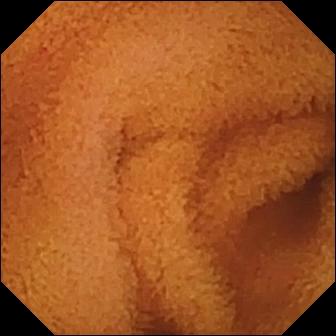Normal clean mucosa.